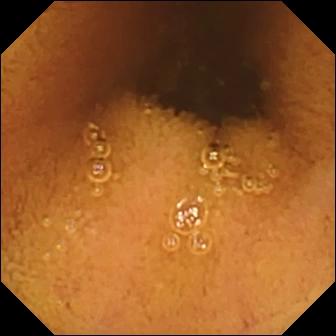Capsule endoscopy — normal clean mucosa.